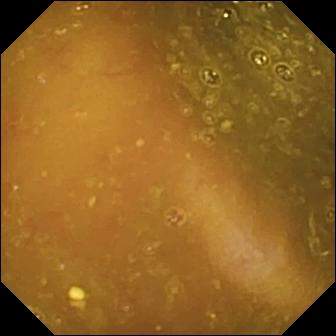Small-bowel capsule endoscopy image, small intestine
Impression: reduced mucosal view (content or bubbles obscuring the mucosa)